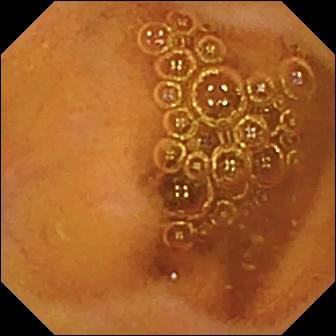Small-bowel capsule endoscopy — normal clean mucosa.